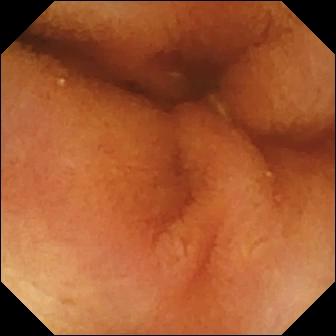Wireless capsule endoscopy frame. Normal clean mucosa.